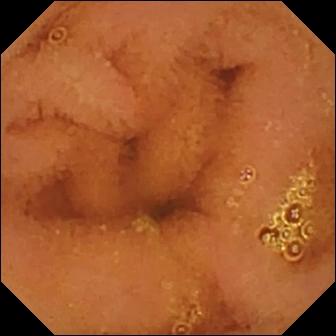Capsule endoscopy frame
Label: normal clean mucosa